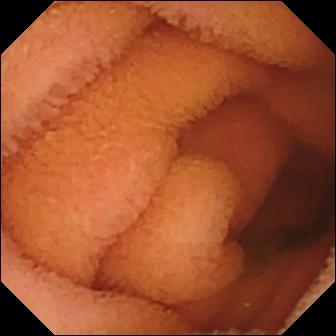Q: What does this video capsule endoscopy view of the small bowel show?
A: Normal clean mucosa.